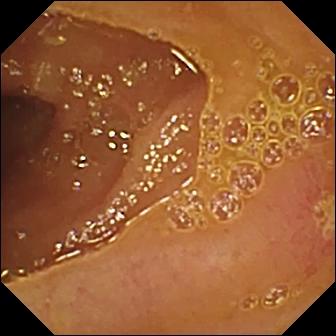Wireless capsule endoscopy view. Ulcer.